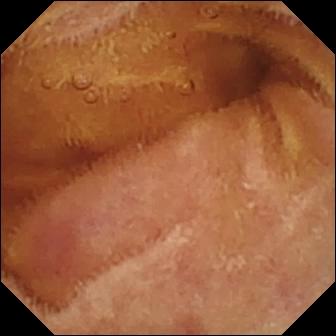modality: capsule endoscopy
impression: normal clean mucosa